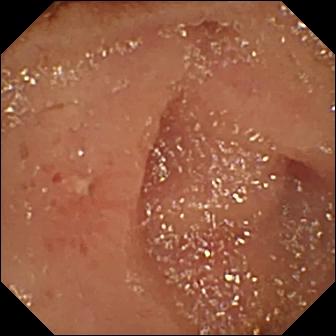VCE view
Observation: erosion